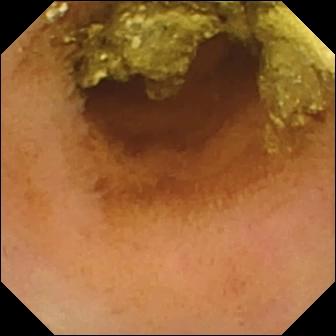WCE. Small intestine. Luminal finding. Finding: normal clean mucosa.